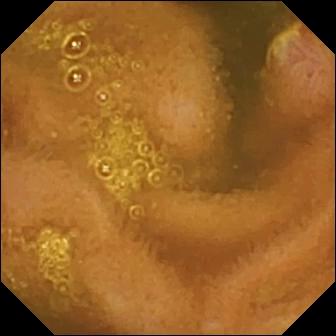Video capsule endoscopy snapshot
Label: ulcer